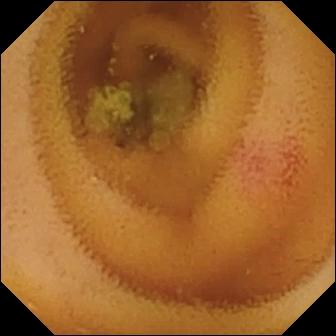Angiectasia — capsule endoscopy still.